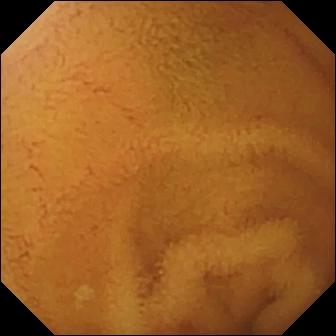modality: WCE
category: luminal finding
finding: normal clean mucosa